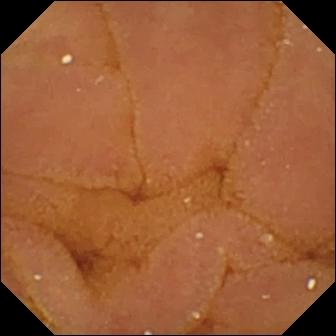Small-bowel capsule endoscopy snapshot (small bowel). Normal clean mucosa.